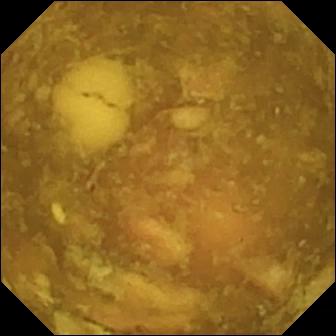modality: VCE | segment: small intestine | label: reduced mucosal view (content or bubbles obscuring the mucosa)